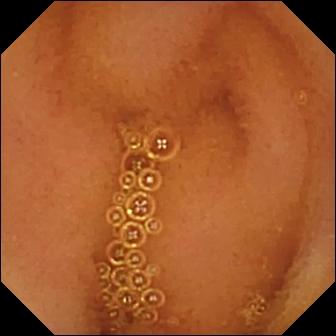Normal clean mucosa.